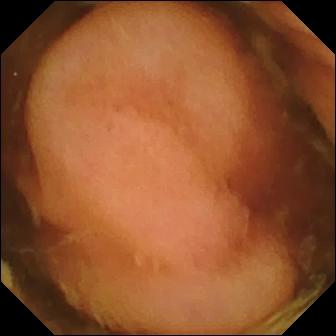WCE view
Observation: polyp